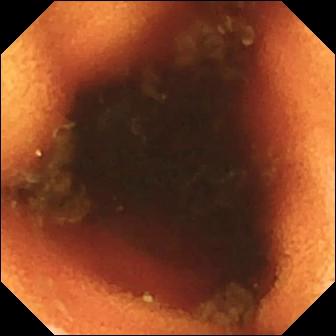WCE still. Taken in the ileo-cecal valve region (the transition from the small bowel to the large bowel).